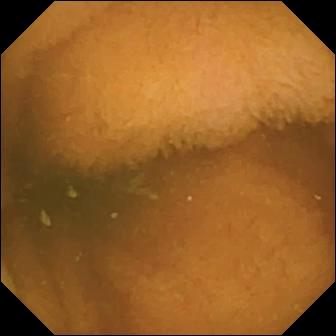Capsule endoscopy — normal clean mucosa.